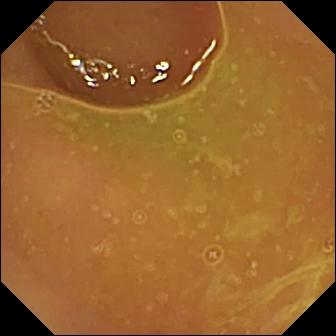Small-bowel capsule endoscopy view showing normal clean mucosa.